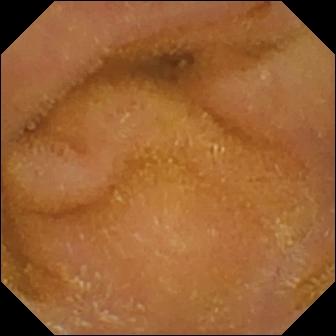PROCEDURE: Small-bowel capsule endoscopy.
FINDINGS: Normal clean mucosa.